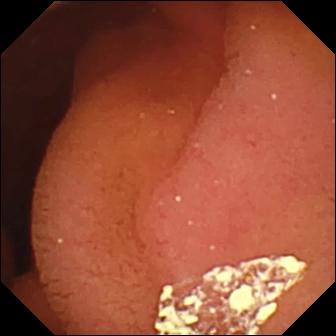Video capsule endoscopy — pylorus region.